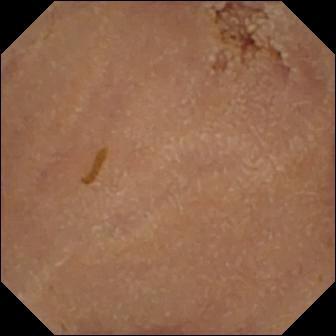Normal clean mucosa.